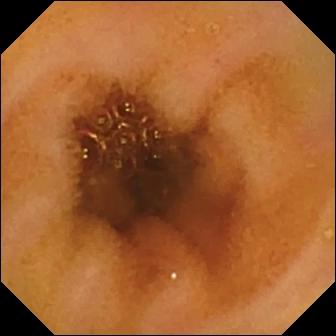Wireless capsule endoscopy snapshot. Normal clean mucosa.